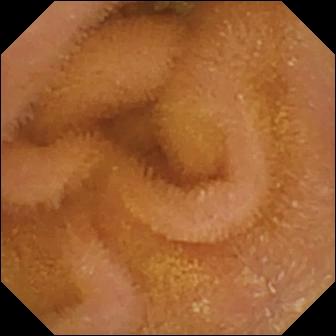Normal clean mucosa.